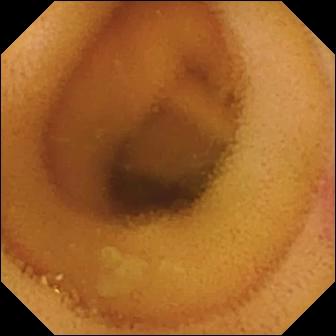Q: What does this capsule endoscopy still show?
A: Angiectasia.